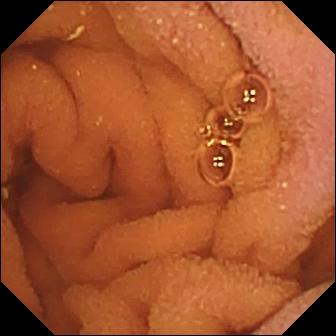Capsule endoscopy — normal clean mucosa.